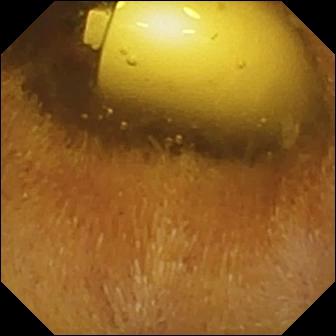VCE frame. Foreign body (e.g. retained capsule, tablet residue).